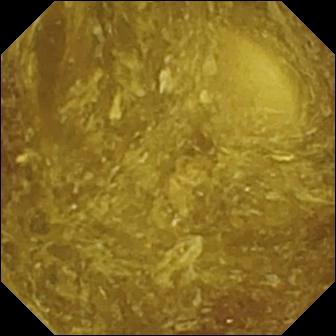PROCEDURE: Wireless capsule endoscopy.
FINDINGS: Reduced mucosal view (content or bubbles obscuring the mucosa).